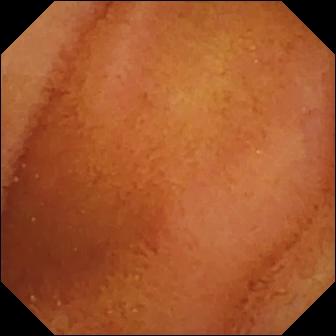Q: What does this capsule endoscopy snapshot of the small intestine show?
A: Normal clean mucosa.